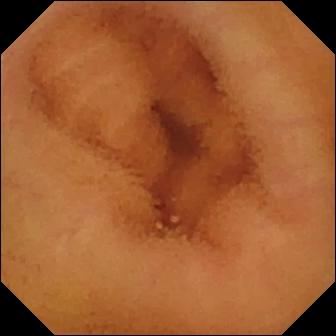modality: small-bowel capsule endoscopy
finding: normal clean mucosa